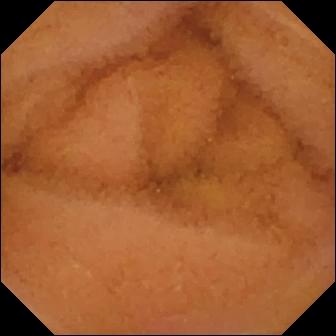Normal clean mucosa.